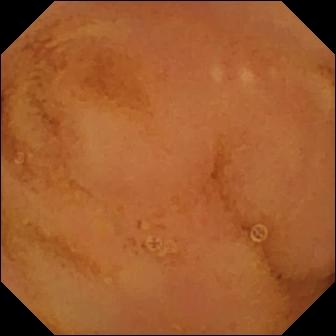Q: What does this video capsule endoscopy still show?
A: Normal clean mucosa.